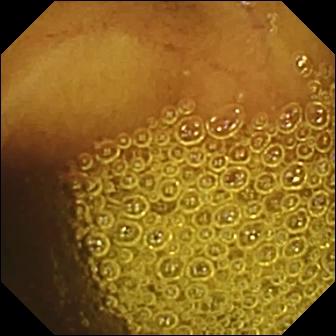Normal clean mucosa — wireless capsule endoscopy view of the small bowel.